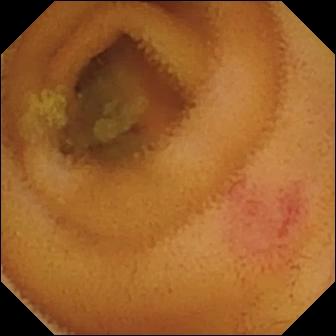modality: VCE; impression: angiectasia